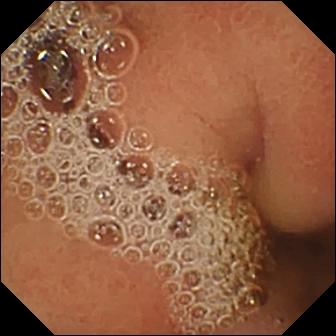modality: video capsule endoscopy; finding: normal clean mucosa